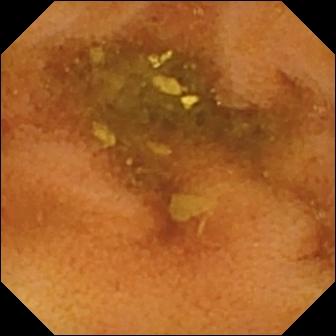Q: What does this WCE snapshot of the small intestine show?
A: Normal clean mucosa.